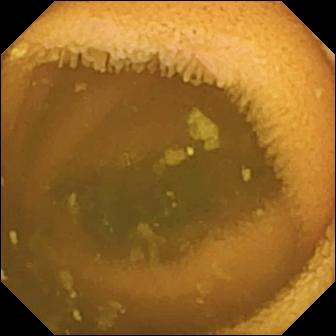- modality: WCE
- finding: normal clean mucosa